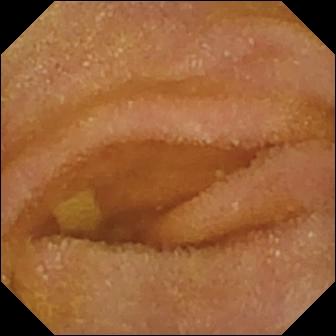- modality: wireless capsule endoscopy
- category: luminal finding
- impression: normal clean mucosa